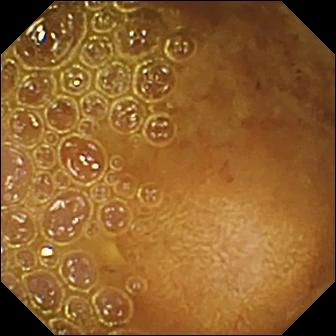Reduced mucosal view (content or bubbles obscuring the mucosa) — video capsule endoscopy snapshot.